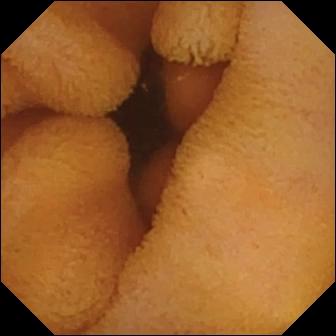{"modality": "wireless capsule endoscopy", "finding": "normal clean mucosa"}